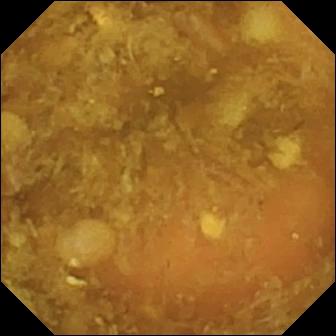Reduced mucosal view (content or bubbles obscuring the mucosa) — WCE image.